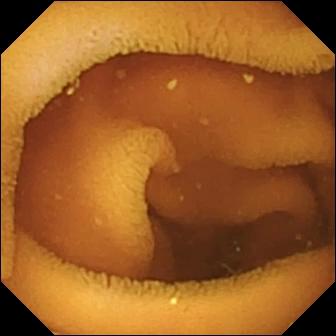- modality: video capsule endoscopy
- category: luminal finding
- impression: normal clean mucosa